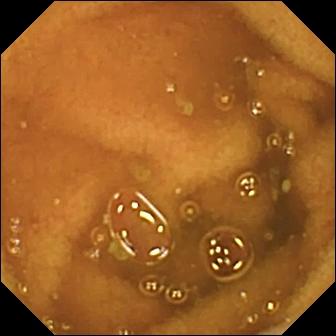- modality: capsule endoscopy
- impression: normal clean mucosa